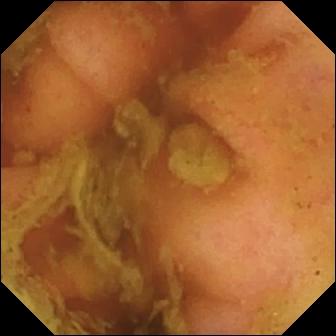Q: Where in the digestive tract was this wireless capsule endoscopy still taken?
A: Ileo-cecal valve region (where the capsule passes from the small bowel into the large bowel).